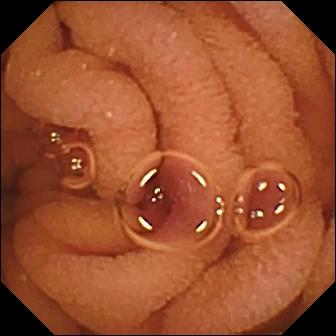Video capsule endoscopy — normal clean mucosa.